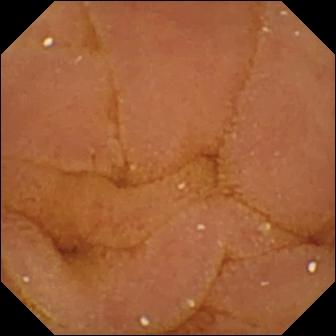modality: wireless capsule endoscopy
segment: small bowel
category: luminal finding
finding: normal clean mucosa